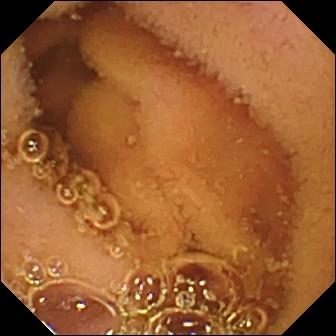Wireless capsule endoscopy snapshot of the small intestine showing normal clean mucosa.